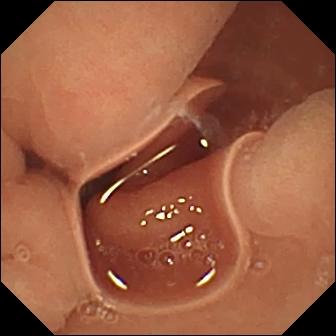This video capsule endoscopy frame shows normal clean mucosa.